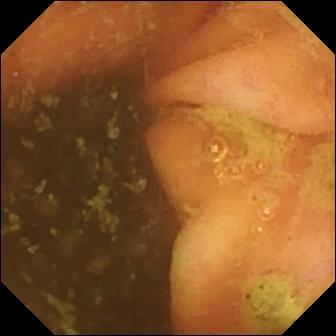Small-bowel capsule endoscopy snapshot. Taken in the ileo-cecal valve region.